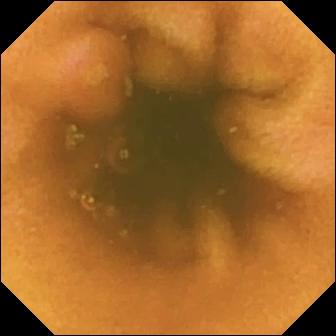PROCEDURE: WCE.
FINDINGS: Erosion.